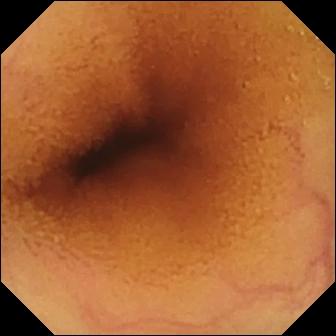WCE. Small intestine. Impression: normal clean mucosa.